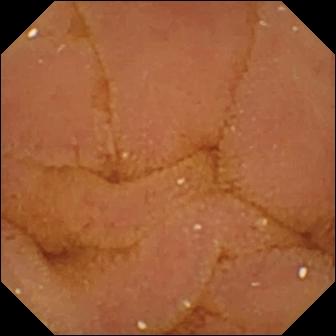Video capsule endoscopy frame, small bowel
Observation: normal clean mucosa